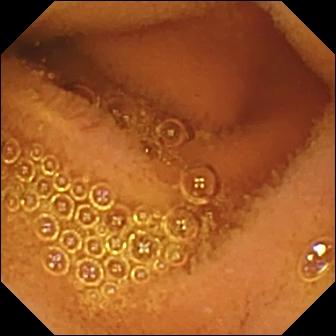Capsule endoscopy. Small intestine. Observation: normal clean mucosa.